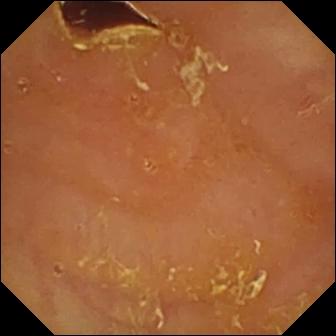- modality: capsule endoscopy
- segment: small intestine
- category: luminal finding
- observation: reduced mucosal view (content or bubbles obscuring the mucosa)